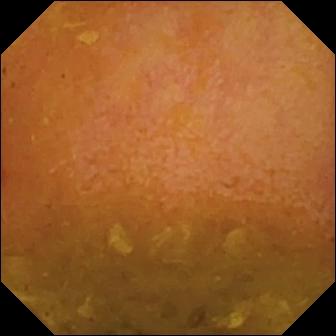PROCEDURE: VCE.
FINDINGS: Reduced mucosal view (content or bubbles obscuring the mucosa).